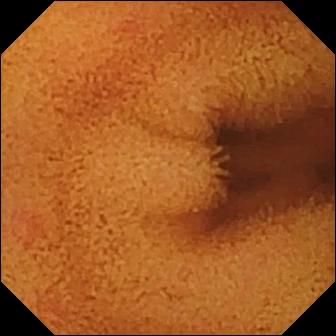Wireless capsule endoscopy. Luminal finding. Observation: normal clean mucosa.